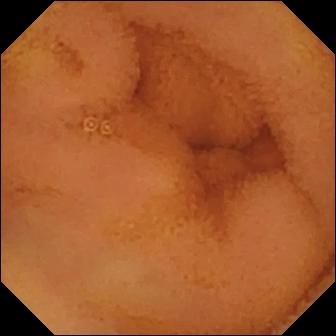Q: What does this small-bowel capsule endoscopy frame show?
A: Normal clean mucosa.